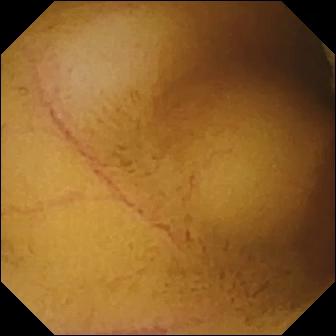Normal clean mucosa.